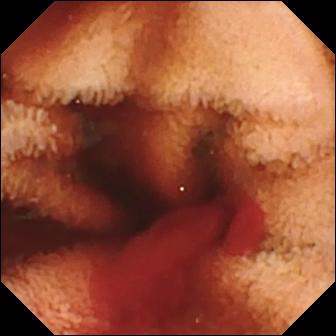Fresh blood in the lumen.